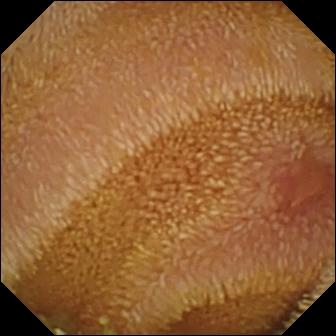Capsule endoscopy — erosion.